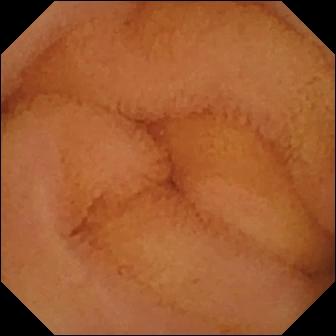PROCEDURE: Video capsule endoscopy.
SEGMENT: Small intestine.
FINDINGS: Normal clean mucosa.